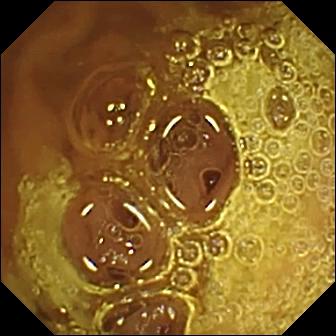PROCEDURE: WCE.
SEGMENT: Small bowel.
FINDINGS: Normal clean mucosa.